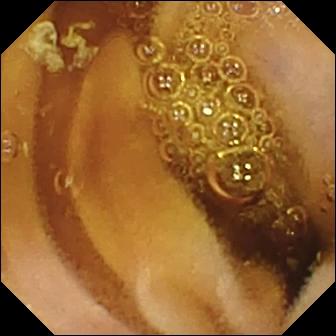WCE. Small bowel. Label: normal clean mucosa.